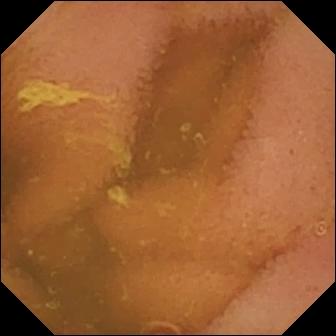Capsule endoscopy still (small bowel). Normal clean mucosa.